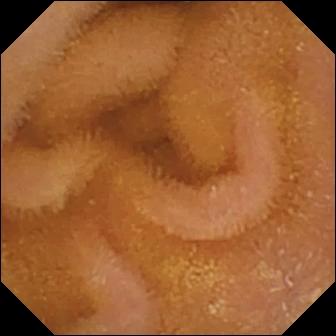PROCEDURE: Video capsule endoscopy.
SEGMENT: Small bowel.
FINDINGS: Normal clean mucosa.